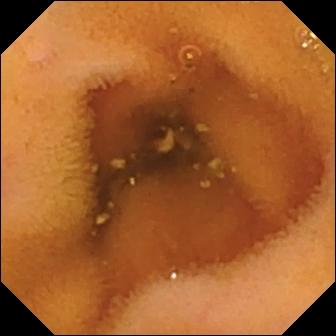Normal clean mucosa.